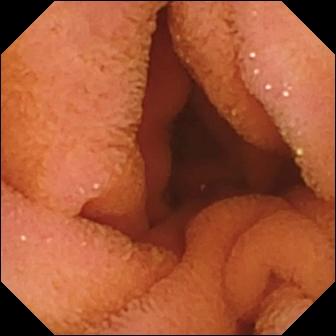Capsule endoscopy image showing normal clean mucosa.